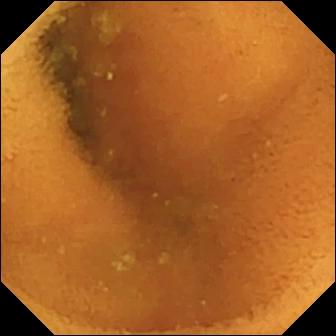- modality: VCE
- segment: small bowel
- observation: normal clean mucosa